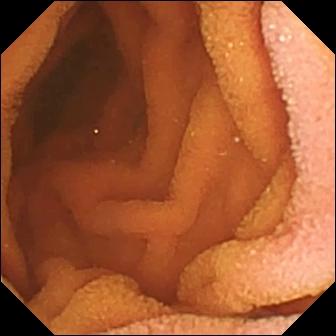Normal clean mucosa — video capsule endoscopy image.